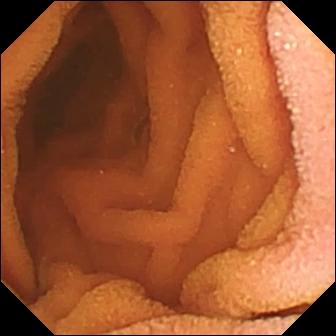Normal clean mucosa — VCE still of the small bowel.